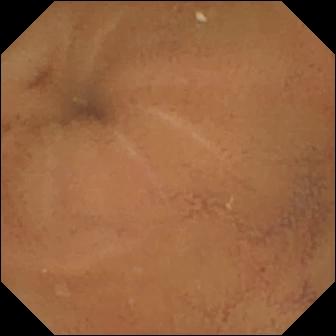- modality: capsule endoscopy
- label: normal clean mucosa